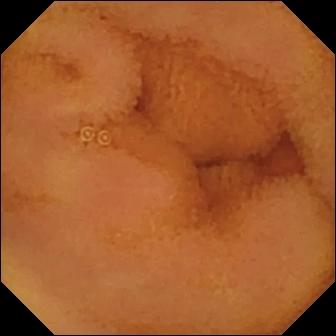{"modality": "WCE", "finding": "normal clean mucosa"}